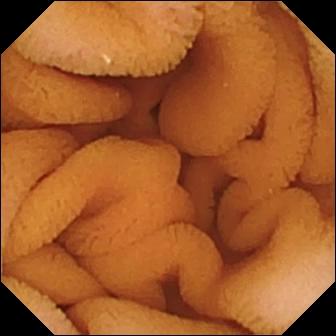PROCEDURE: Capsule endoscopy.
SEGMENT: Small intestine.
FINDINGS: Normal clean mucosa.